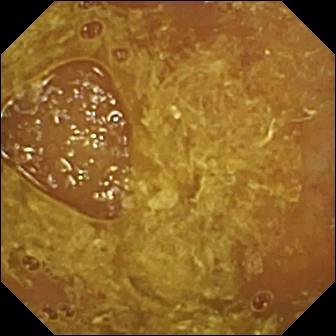- modality: VCE
- segment: small bowel
- label: reduced mucosal view (content or bubbles obscuring the mucosa)